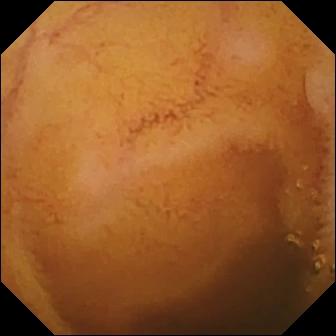- modality: small-bowel capsule endoscopy
- segment: small intestine
- finding: normal clean mucosa